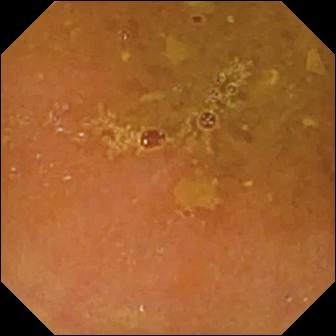{"modality": "wireless capsule endoscopy", "finding": "reduced mucosal view (content or bubbles obscuring the mucosa)"}